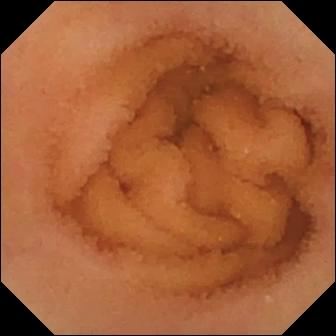Q: What does this wireless capsule endoscopy snapshot of the small bowel show?
A: Normal clean mucosa.